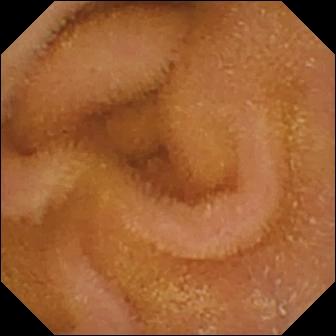PROCEDURE: Capsule endoscopy.
SEGMENT: Small intestine.
FINDINGS: Normal clean mucosa.